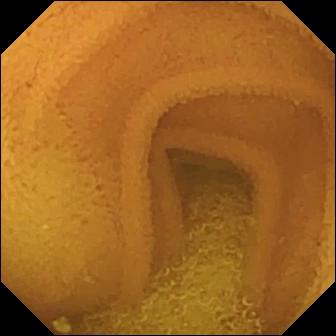Video capsule endoscopy — normal clean mucosa.